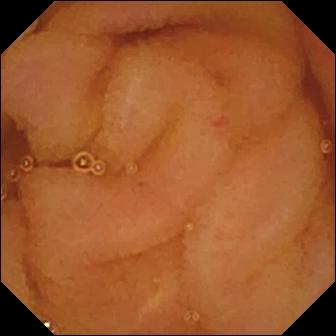{"modality": "small-bowel capsule endoscopy", "category": "luminal finding", "finding": "normal clean mucosa"}